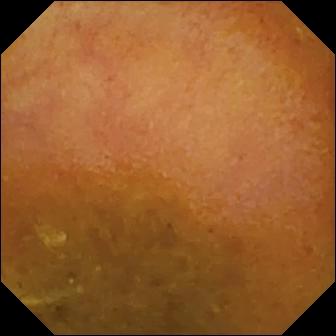{"modality": "wireless capsule endoscopy", "segment": "small intestine", "finding": "reduced mucosal view (content or bubbles obscuring the mucosa)"}